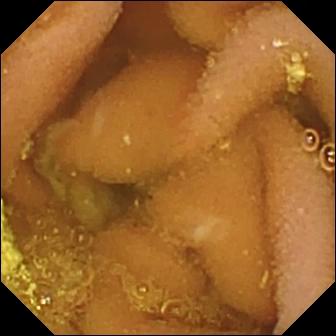Wireless capsule endoscopy. Finding: lymphangiectasia.